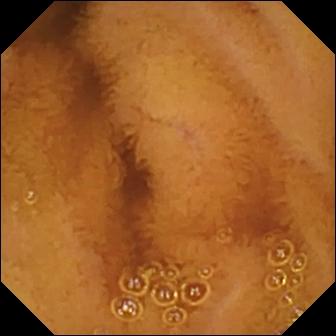{"modality": "video capsule endoscopy", "segment": "small intestine", "category": "luminal finding", "finding": "normal clean mucosa"}